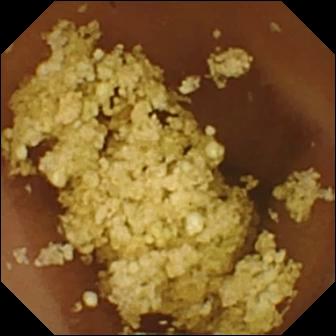This video capsule endoscopy still of the small bowel shows normal clean mucosa.